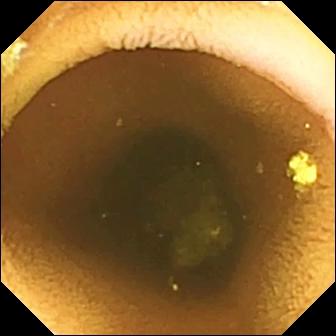Wireless capsule endoscopy frame
Observation: normal clean mucosa